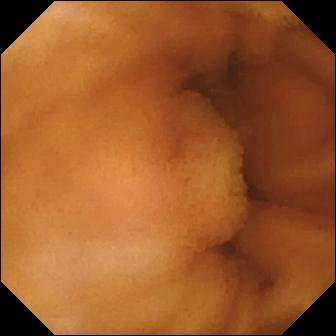Video capsule endoscopy. Small bowel. Label: normal clean mucosa.